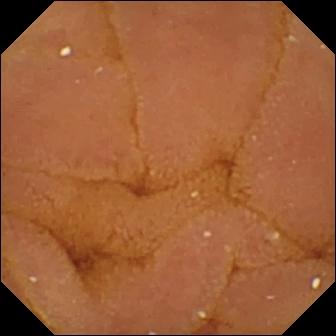- modality: small-bowel capsule endoscopy
- segment: small bowel
- label: normal clean mucosa